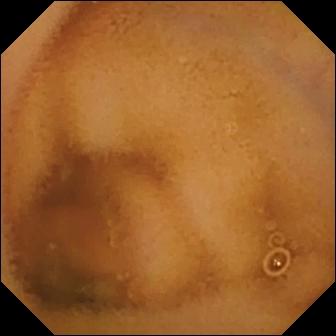PROCEDURE: Wireless capsule endoscopy.
FINDINGS: Normal clean mucosa.